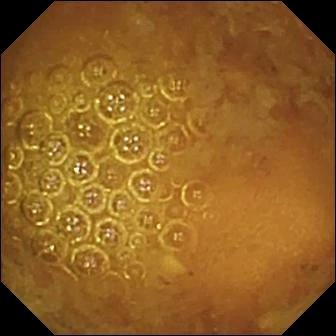WCE frame (small intestine). Reduced mucosal view (content or bubbles obscuring the mucosa).